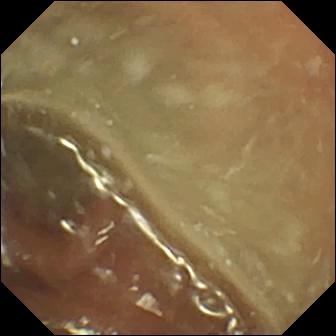Normal clean mucosa — WCE snapshot of the small bowel.